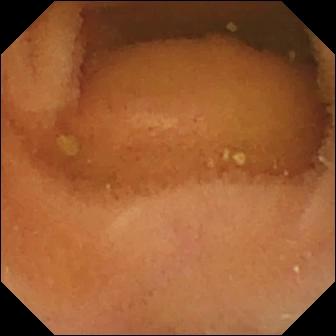Normal clean mucosa — wireless capsule endoscopy snapshot.